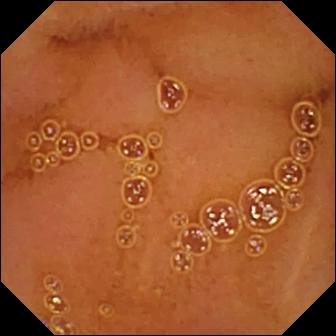{"modality": "VCE", "segment": "small bowel", "finding": "normal clean mucosa"}